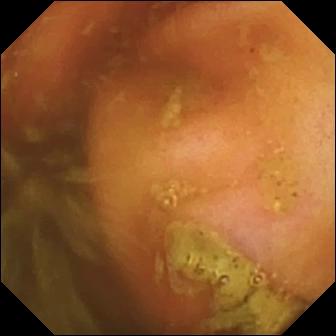Q: Where in the digestive tract was this WCE image taken?
A: Ileo-cecal valve region.